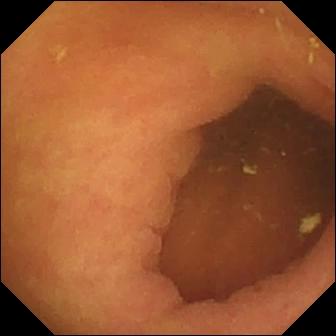Small-bowel capsule endoscopy snapshot taken in the pylorus region (where the capsule passes from the stomach into the small bowel).